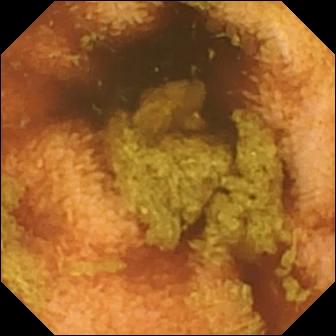PROCEDURE: VCE.
SEGMENT: Small intestine.
FINDINGS: Normal clean mucosa.